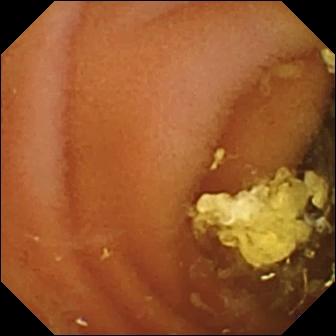Small-bowel capsule endoscopy. Small bowel. Impression: normal clean mucosa.